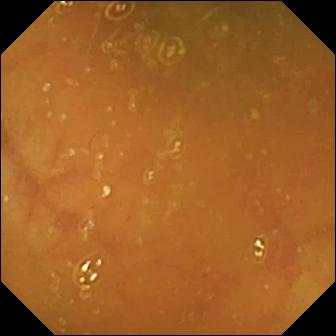Small-bowel capsule endoscopy — ileo-cecal valve region (the transition from the small bowel to the large bowel).